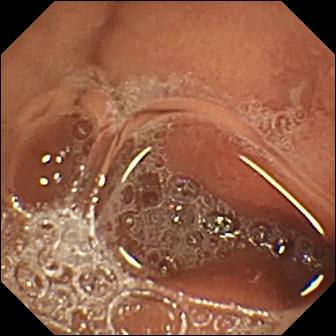- modality: video capsule endoscopy
- observation: erosion